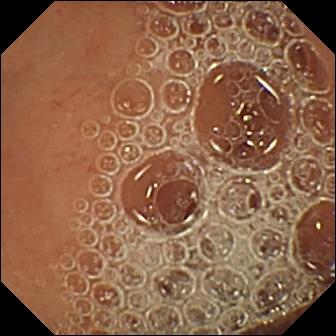PROCEDURE: Small-bowel capsule endoscopy.
FINDINGS: Normal clean mucosa.